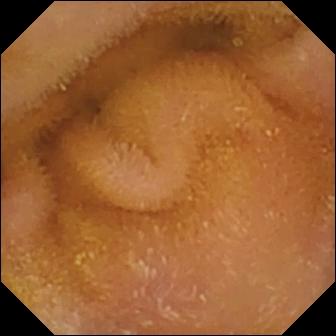- modality: small-bowel capsule endoscopy
- observation: normal clean mucosa